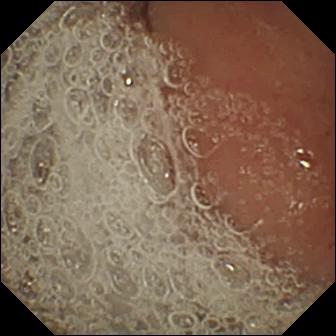Pylorus region (where the capsule passes from the stomach into the small bowel) — VCE image.